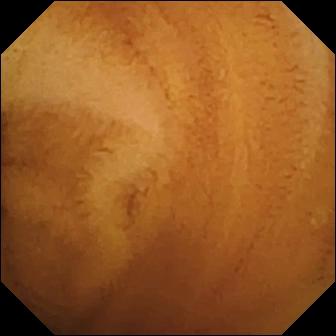Wireless capsule endoscopy image, small intestine
Label: normal clean mucosa